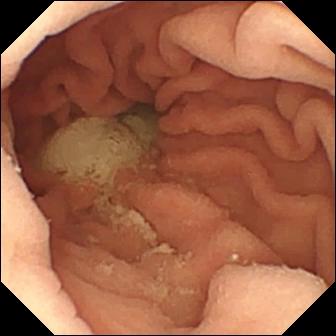modality: wireless capsule endoscopy | category: anatomical landmark | video segment: pylorus region (where the capsule passes from the stomach into the small bowel)